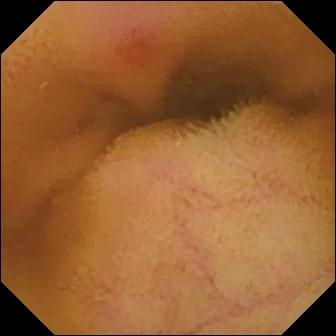Small-bowel capsule endoscopy snapshot showing erythema (mucosal redness).